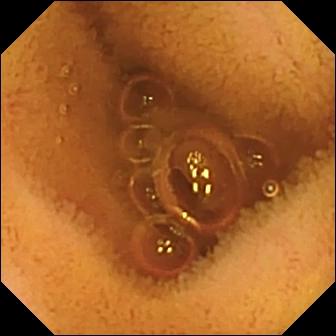This capsule endoscopy still shows normal clean mucosa.